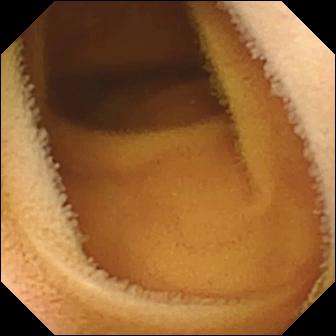This wireless capsule endoscopy view shows normal clean mucosa.